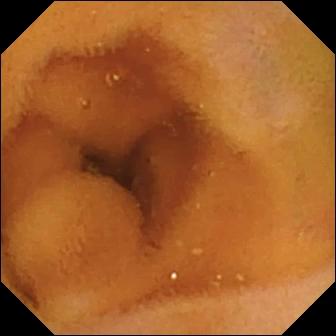- modality: WCE
- segment: small intestine
- category: luminal finding
- finding: normal clean mucosa